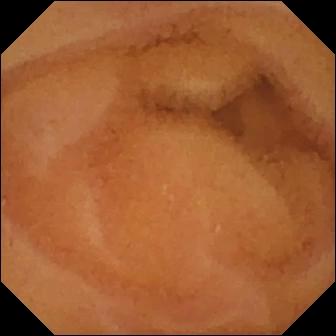Video capsule endoscopy snapshot showing normal clean mucosa.